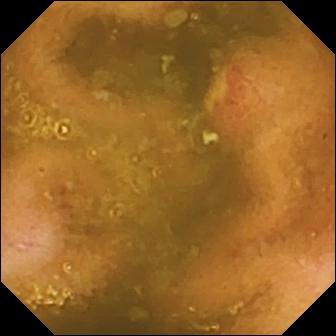WCE still
Impression: ulcer